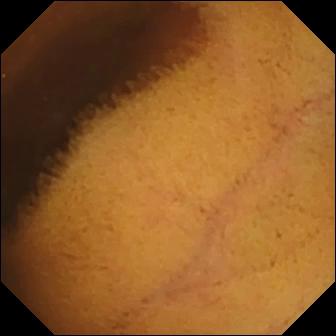PROCEDURE: Video capsule endoscopy.
FINDINGS: Normal clean mucosa.